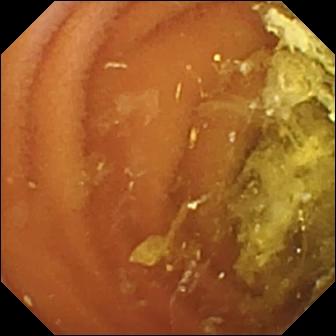Normal clean mucosa.